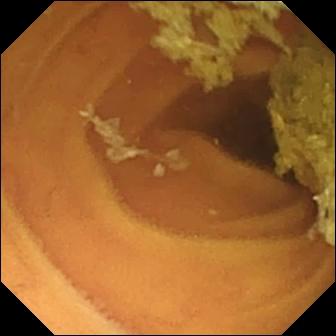{"modality": "capsule endoscopy", "segment": "small bowel", "finding": "normal clean mucosa"}